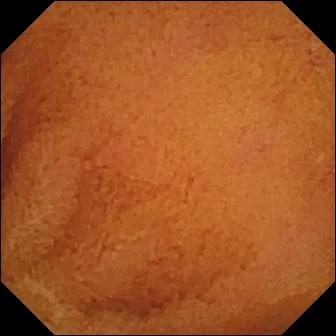Q: What does this small-bowel capsule endoscopy still show?
A: Normal clean mucosa.